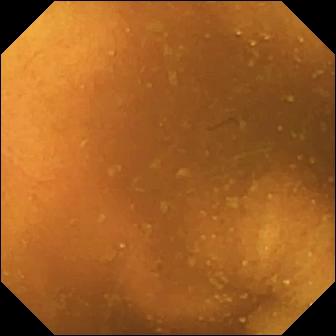{"modality": "wireless capsule endoscopy", "finding": "normal clean mucosa"}